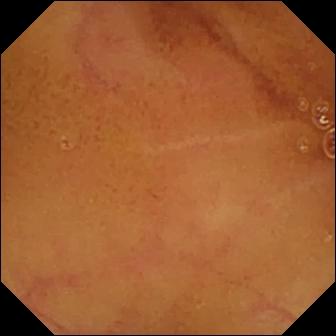Normal clean mucosa.